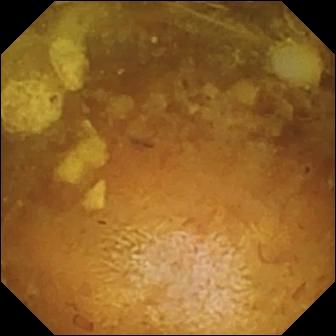{"modality": "small-bowel capsule endoscopy", "segment": "small intestine", "finding": "reduced mucosal view (content or bubbles obscuring the mucosa)"}